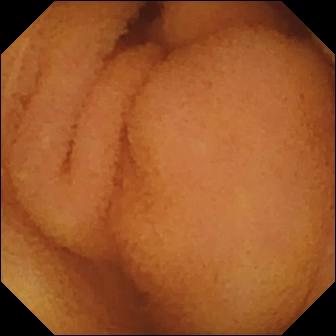WCE. Small bowel. Label: normal clean mucosa.